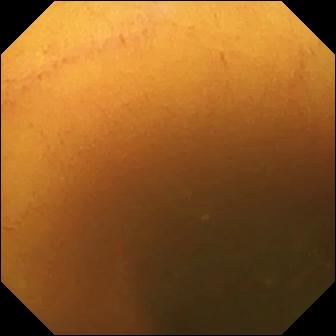WCE snapshot showing normal clean mucosa.